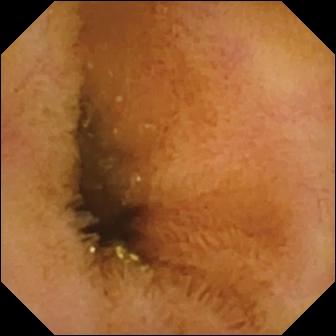VCE. Small bowel. Label: normal clean mucosa.